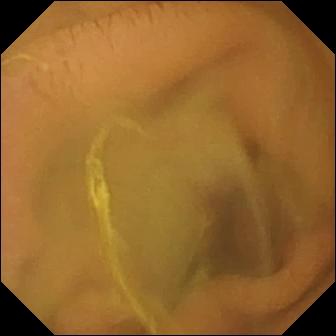Q: What does this video capsule endoscopy still of the small intestine show?
A: Normal clean mucosa.